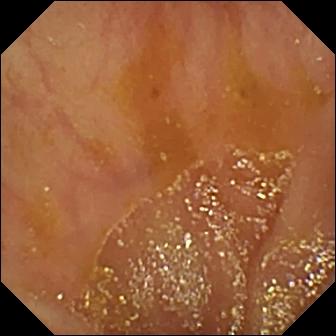This WCE image was taken in the ileo-cecal valve region.